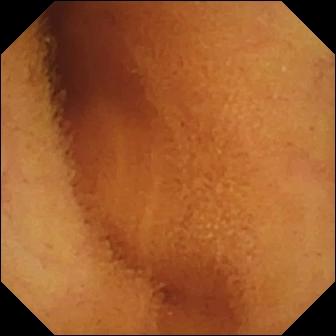WCE still. Normal clean mucosa.